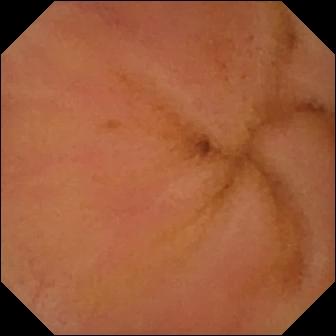Q: What does this WCE view show?
A: Erythema (mucosal redness).